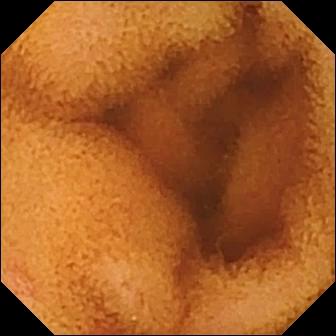Small-bowel capsule endoscopy still. Normal clean mucosa.